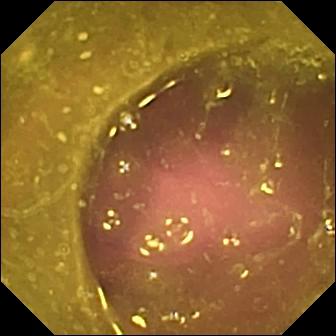Q: What does this VCE view of the small intestine show?
A: Reduced mucosal view (content or bubbles obscuring the mucosa).